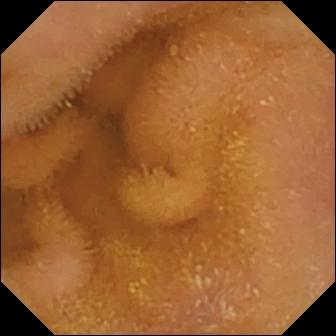{"modality": "WCE", "segment": "small intestine", "finding": "normal clean mucosa"}